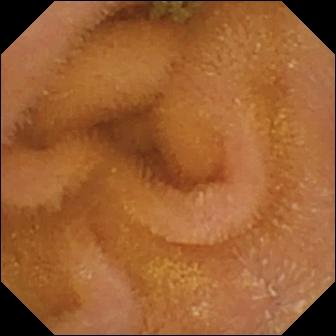Wireless capsule endoscopy snapshot of the small bowel showing normal clean mucosa.